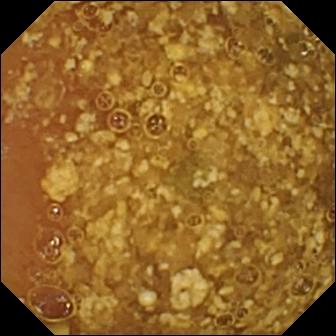PROCEDURE: VCE.
FINDINGS: Reduced mucosal view (content or bubbles obscuring the mucosa).